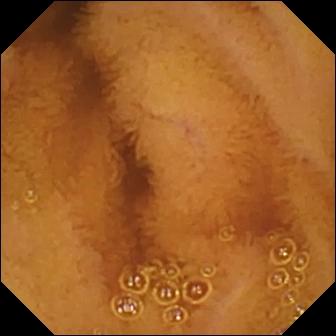Q: What does this wireless capsule endoscopy snapshot show?
A: Normal clean mucosa.